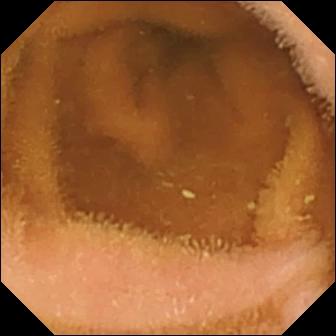Wireless capsule endoscopy image of the small bowel showing normal clean mucosa.